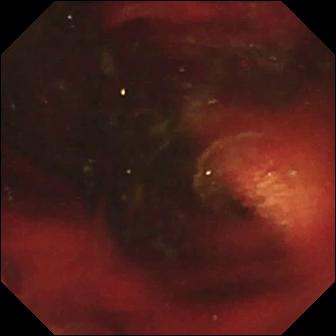Video capsule endoscopy frame
Observation: fresh blood in the lumen